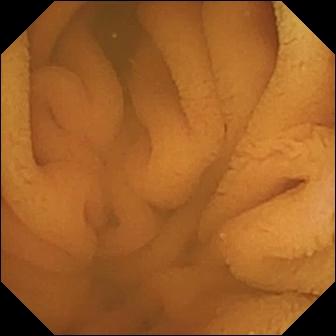Small-bowel capsule endoscopy view. Normal clean mucosa.